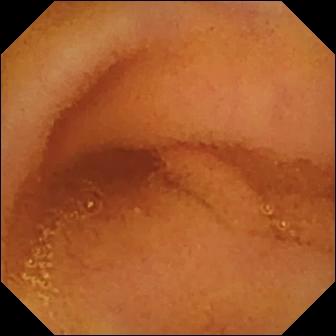Normal clean mucosa (336×336).